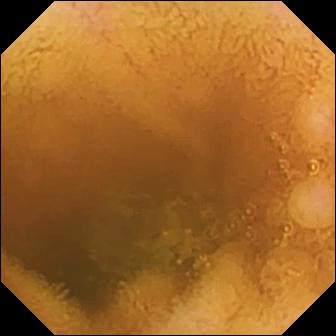PROCEDURE: Wireless capsule endoscopy.
FINDINGS: Normal clean mucosa.